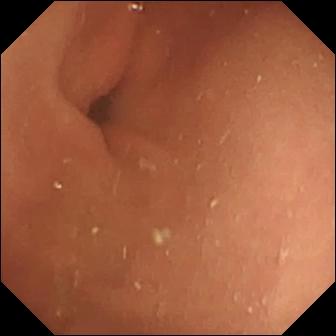Small-bowel capsule endoscopy snapshot. Taken in the pylorus region.